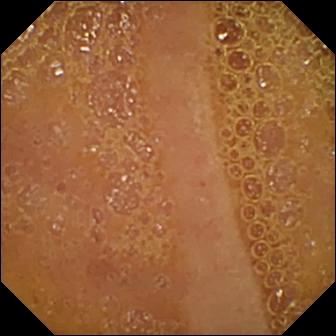Capsule endoscopy. Label: normal clean mucosa.